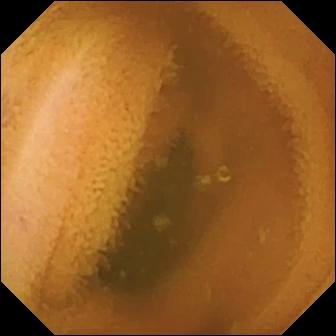Wireless capsule endoscopy — normal clean mucosa.